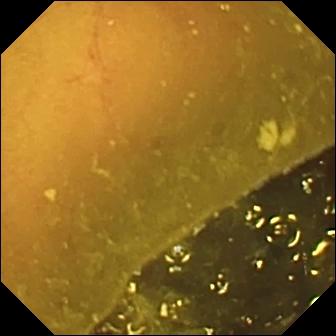Ileo-cecal valve region (the transition from the small bowel to the large bowel).